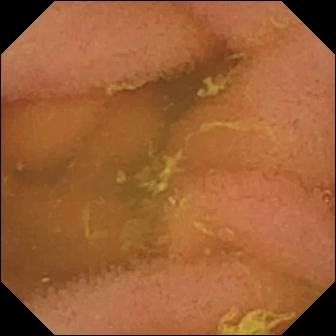Normal clean mucosa.